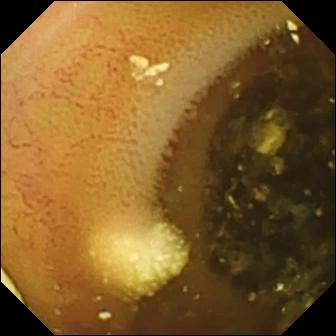- modality: small-bowel capsule endoscopy
- category: luminal finding
- finding: lymphangiectasia